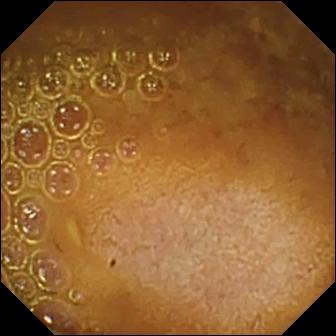Wireless capsule endoscopy. Luminal finding. Finding: reduced mucosal view (content or bubbles obscuring the mucosa).